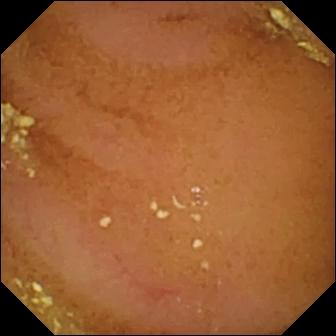Normal clean mucosa.